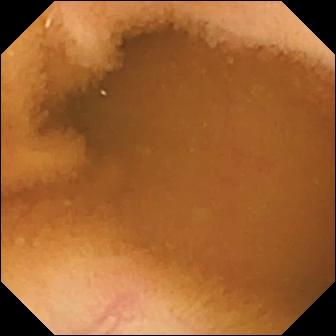Small-bowel capsule endoscopy. Small bowel. Label: normal clean mucosa.